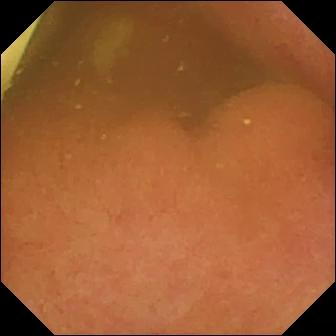Q: What does this small-bowel capsule endoscopy still show?
A: Foreign body (e.g. retained capsule, tablet residue).